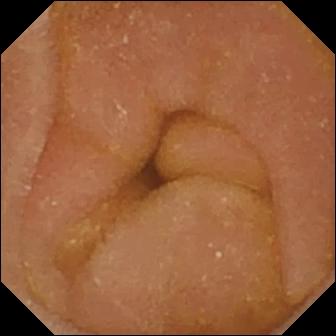- modality: small-bowel capsule endoscopy
- segment: small bowel
- category: luminal finding
- label: normal clean mucosa